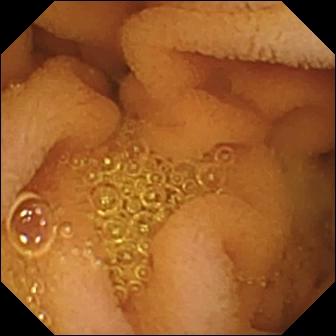{"modality": "WCE", "segment": "small intestine", "finding": "normal clean mucosa"}